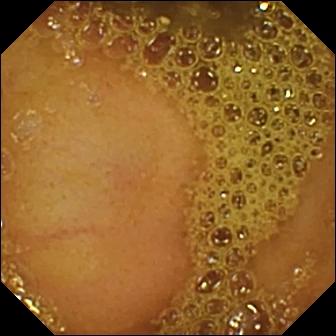PROCEDURE: Small-bowel capsule endoscopy.
LOCATION: Ileo-cecal valve region (where the capsule passes from the small bowel into the large bowel).